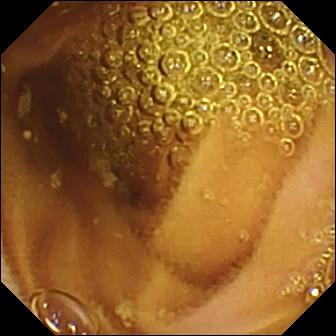{"modality": "video capsule endoscopy", "finding": "normal clean mucosa"}